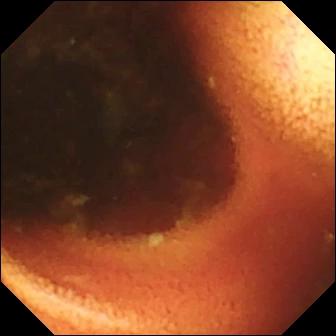Video capsule endoscopy still
Video segment: ileo-cecal valve region (where the capsule passes from the small bowel into the large bowel)